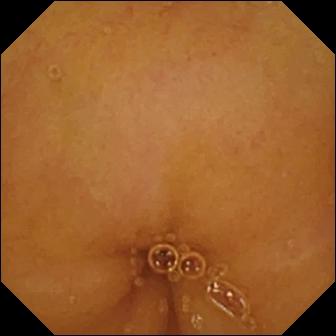Video capsule endoscopy image of the small intestine showing normal clean mucosa.